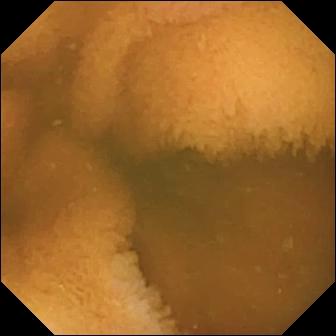Wireless capsule endoscopy view. Normal clean mucosa.